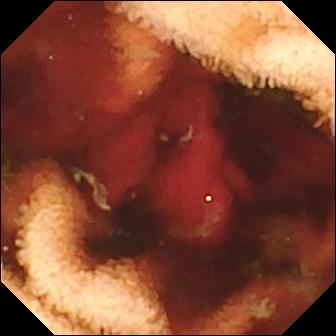Wireless capsule endoscopy — fresh blood in the lumen.